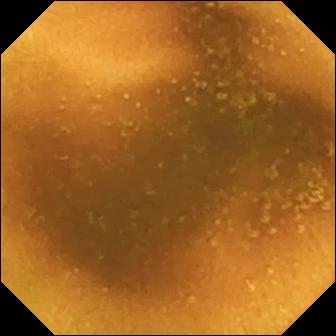PROCEDURE: Small-bowel capsule endoscopy.
FINDINGS: Normal clean mucosa.